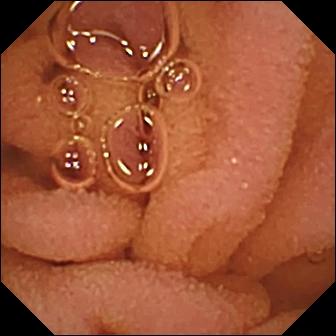PROCEDURE: WCE.
FINDINGS: Normal clean mucosa.